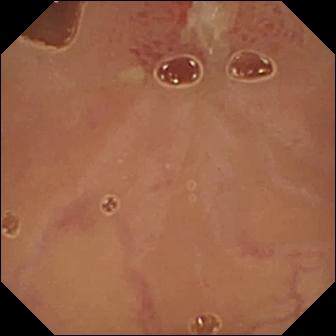Wireless capsule endoscopy view showing ulcer.